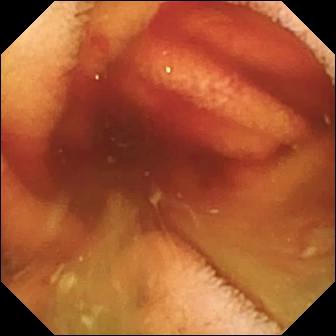Capsule endoscopy. Label: fresh blood in the lumen.